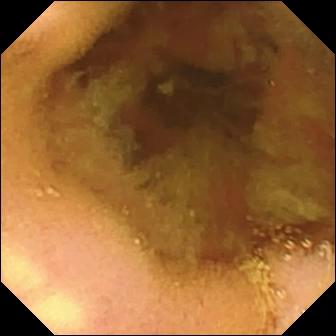modality: small-bowel capsule endoscopy | category: luminal finding | finding: normal clean mucosa